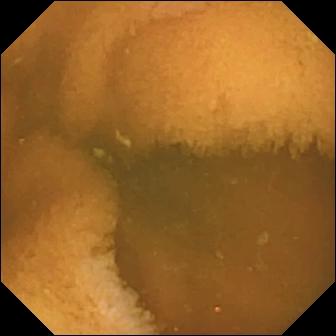This VCE image of the small bowel shows normal clean mucosa.